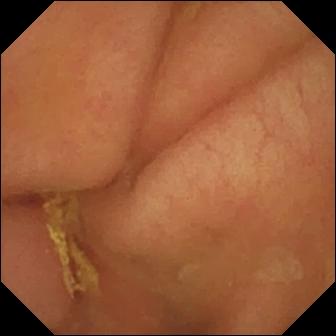Small-bowel capsule endoscopy image, 336×336. Taken in the pylorus region.